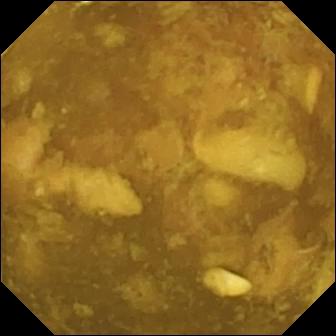WCE view, small intestine
Finding: reduced mucosal view (content or bubbles obscuring the mucosa)